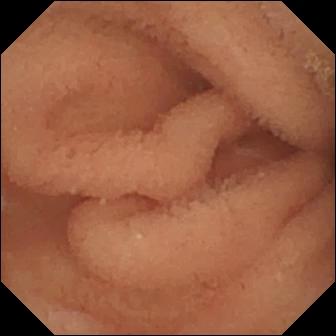Normal clean mucosa (336×336).